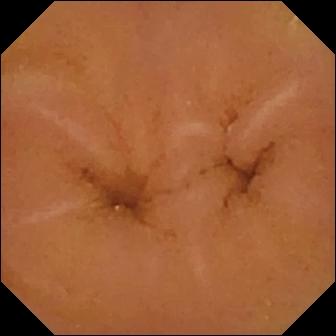WCE view showing normal clean mucosa.